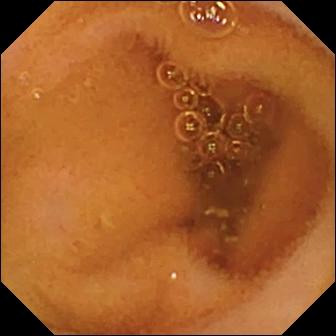VCE — normal clean mucosa.